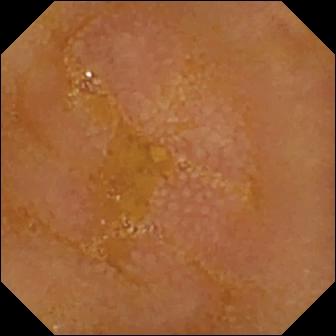Reduced mucosal view (content or bubbles obscuring the mucosa) (336×336).